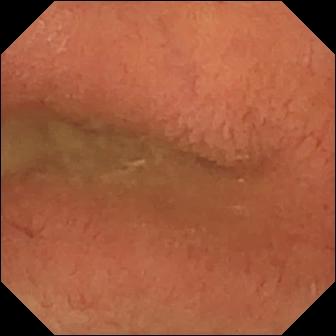Capsule endoscopy frame, 336×336. Taken in the pylorus region (the junction between the stomach and the small bowel).